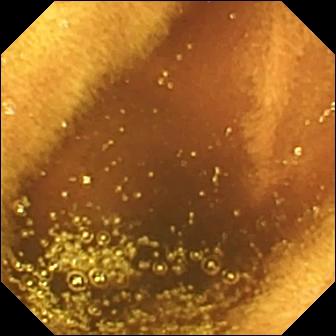This capsule endoscopy image was taken in the ileo-cecal valve region (where the capsule passes from the small bowel into the large bowel).